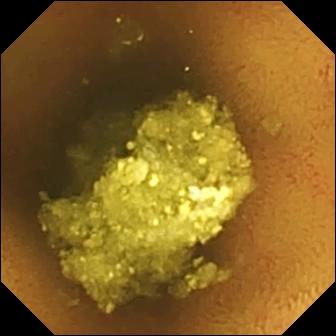Normal clean mucosa.